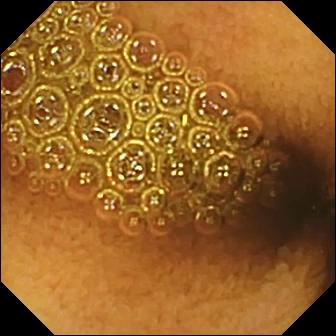This small-bowel capsule endoscopy frame of the small bowel shows reduced mucosal view (content or bubbles obscuring the mucosa).